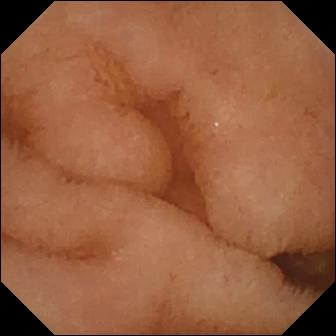PROCEDURE: Video capsule endoscopy.
FINDINGS: Normal clean mucosa.